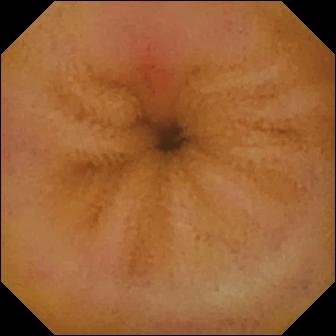PROCEDURE: Video capsule endoscopy.
FINDINGS: Erythema (mucosal redness).